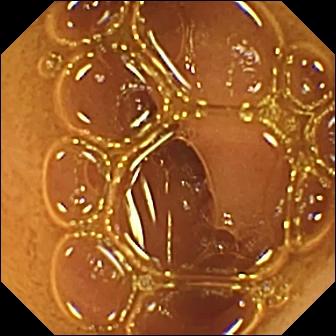Normal clean mucosa — capsule endoscopy snapshot.